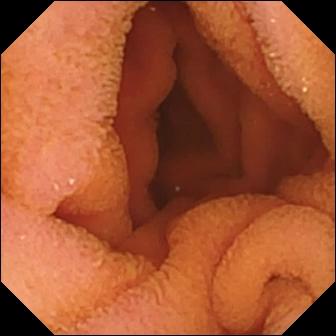PROCEDURE: VCE.
SEGMENT: Small intestine.
FINDINGS: Normal clean mucosa.